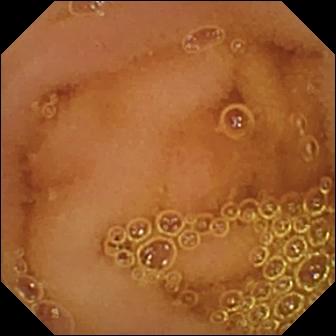VCE view of the small intestine showing normal clean mucosa.